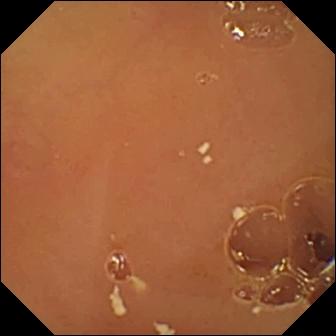PROCEDURE: WCE.
FINDINGS: Normal clean mucosa.